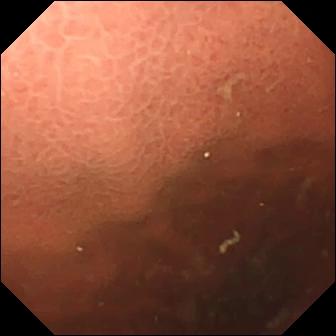Wireless capsule endoscopy image. Taken in the pylorus region (where the capsule passes from the stomach into the small bowel).